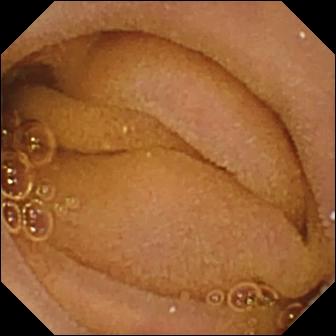{"modality": "VCE", "segment": "small intestine", "category": "luminal finding", "finding": "normal clean mucosa"}